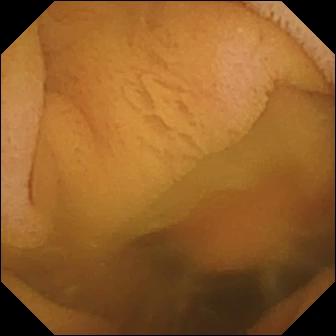Video capsule endoscopy — normal clean mucosa.